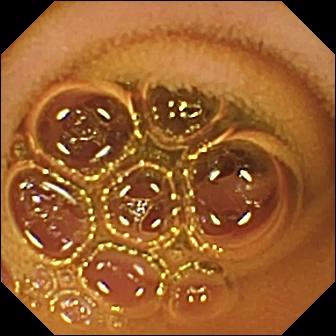Normal clean mucosa.